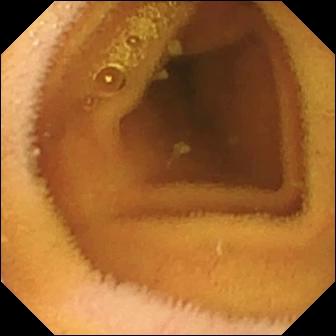Q: What does this VCE still show?
A: Normal clean mucosa.